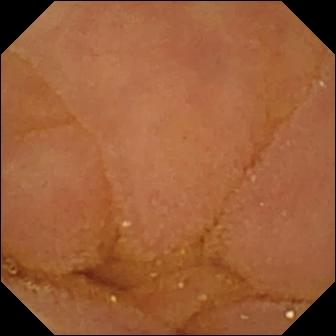Wireless capsule endoscopy. Finding: normal clean mucosa.